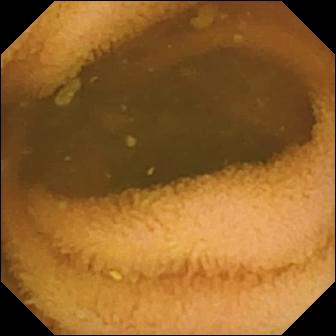Wireless capsule endoscopy. Luminal finding. Impression: normal clean mucosa.